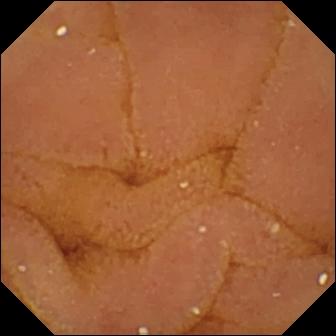Small-bowel capsule endoscopy — normal clean mucosa.